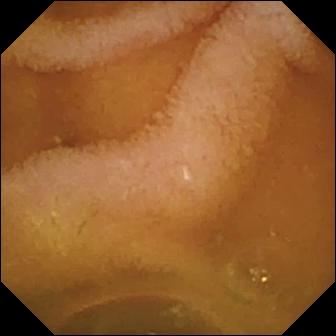Normal clean mucosa (336×336).